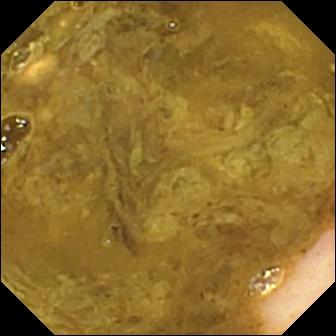This WCE view was taken in the ileo-cecal valve region.